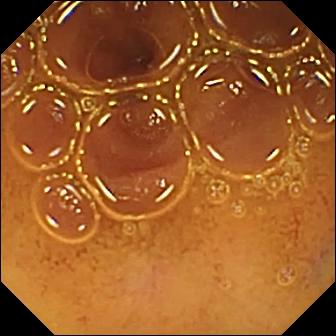PROCEDURE: Small-bowel capsule endoscopy.
FINDINGS: Normal clean mucosa.